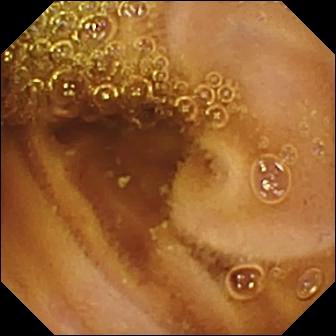This wireless capsule endoscopy image of the small bowel shows normal clean mucosa.